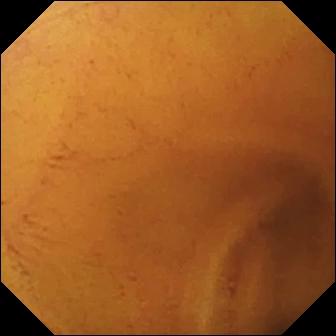Q: What does this video capsule endoscopy image show?
A: Normal clean mucosa.